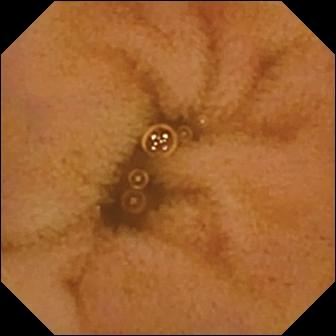WCE — normal clean mucosa.